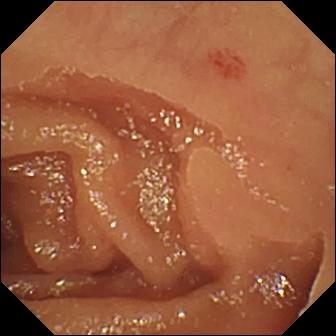Wireless capsule endoscopy — angiectasia.